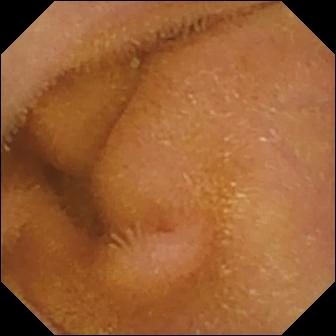Wireless capsule endoscopy snapshot (small intestine). Normal clean mucosa.